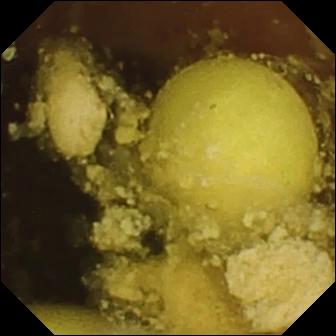Q: What does this video capsule endoscopy image show?
A: Foreign body (e.g. retained capsule, tablet residue).